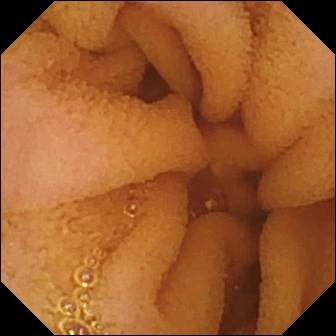Normal clean mucosa.